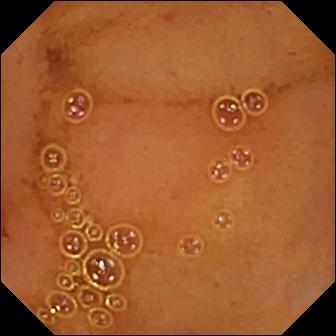This capsule endoscopy view shows normal clean mucosa.